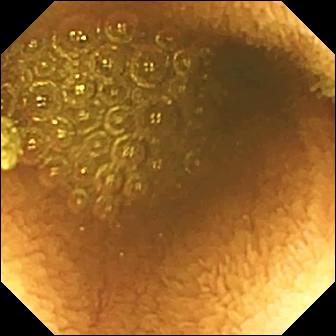Reduced mucosal view (content or bubbles obscuring the mucosa).